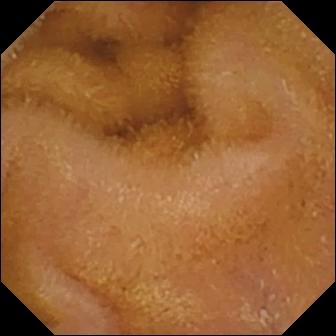WCE — normal clean mucosa.